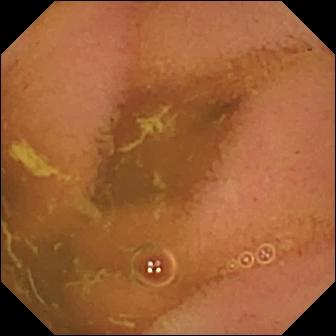modality: VCE
category: luminal finding
impression: normal clean mucosa